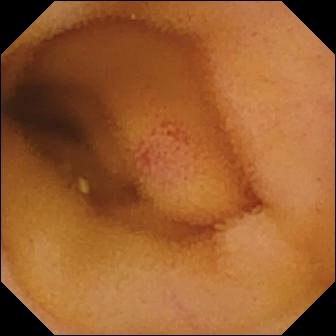Small-bowel capsule endoscopy. Observation: angiectasia.